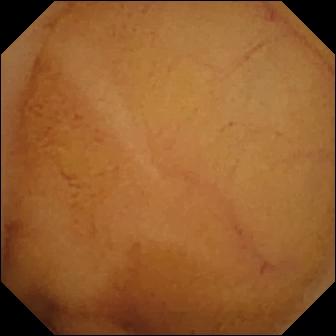Video capsule endoscopy image. Normal clean mucosa.